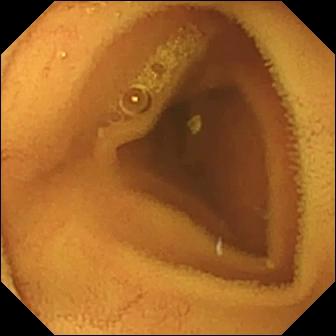modality: wireless capsule endoscopy; segment: small bowel; finding: normal clean mucosa